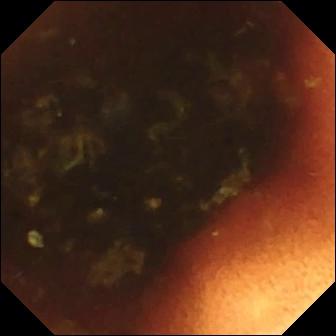Wireless capsule endoscopy — ileo-cecal valve region (the transition from the small bowel to the large bowel).